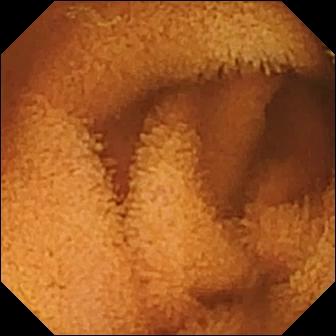- modality: VCE
- segment: small intestine
- category: luminal finding
- finding: normal clean mucosa